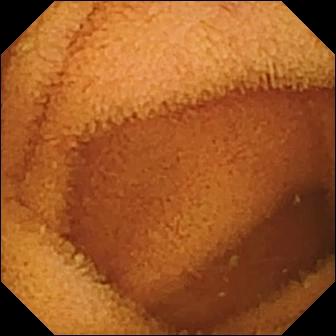{"modality": "capsule endoscopy", "finding": "normal clean mucosa"}